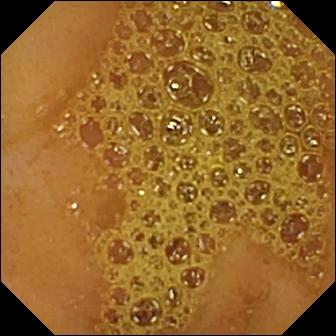- modality: WCE
- category: anatomical landmark
- location: ileo-cecal valve region (the transition from the small bowel to the large bowel)